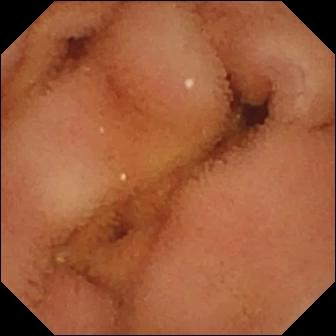Normal clean mucosa.